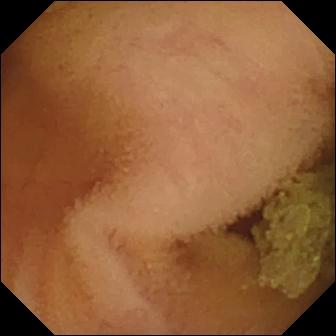WCE snapshot (small bowel), 336×336. Normal clean mucosa.